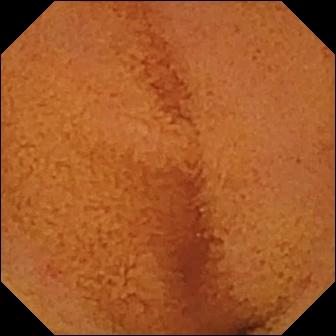modality: video capsule endoscopy
category: luminal finding
finding: normal clean mucosa